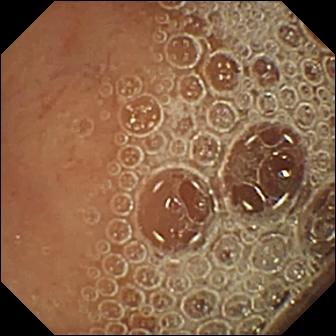Q: What does this WCE view show?
A: Normal clean mucosa.